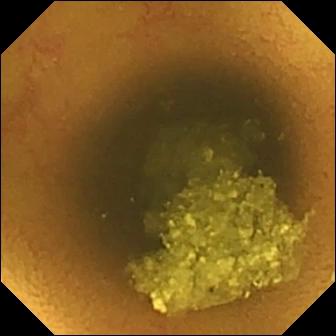Small-bowel capsule endoscopy. Small intestine. Luminal finding. Impression: normal clean mucosa.